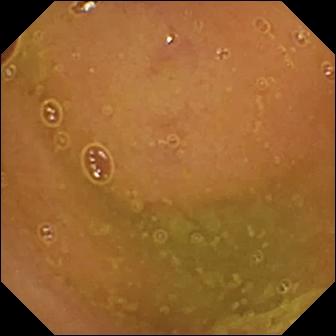VCE still (small bowel). Normal clean mucosa.